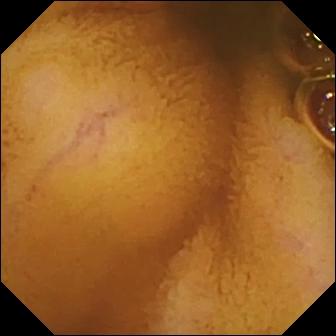Capsule endoscopy image (small bowel). Normal clean mucosa.